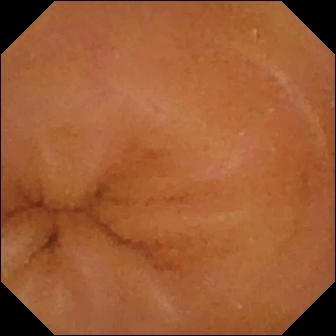This wireless capsule endoscopy snapshot of the small bowel shows normal clean mucosa.